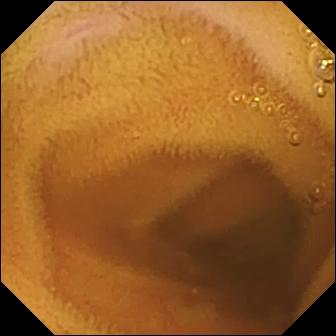WCE view (small intestine). Normal clean mucosa.